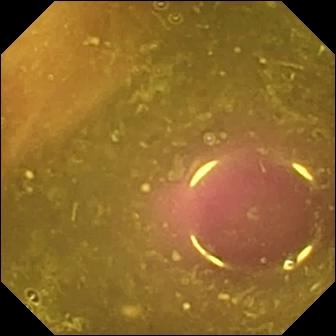This video capsule endoscopy snapshot of the small intestine shows reduced mucosal view (content or bubbles obscuring the mucosa).